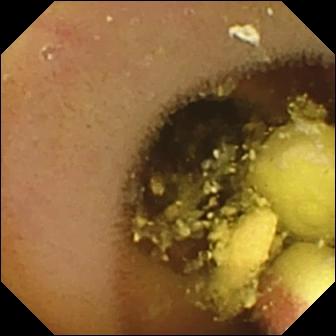WCE view, 336×336. Foreign body (e.g. retained capsule, tablet residue).